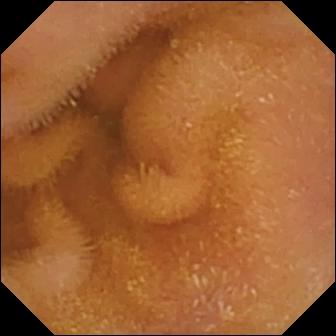Normal clean mucosa (336×336).